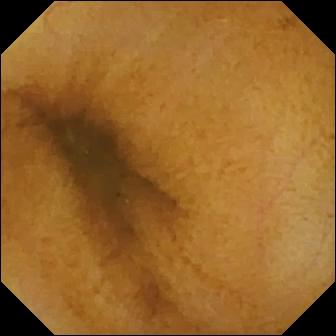WCE view showing normal clean mucosa.